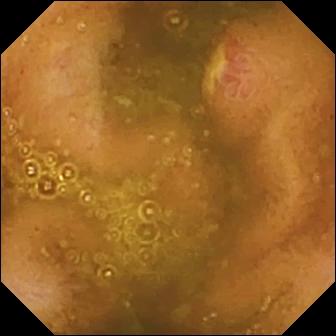WCE. Observation: ulcer.